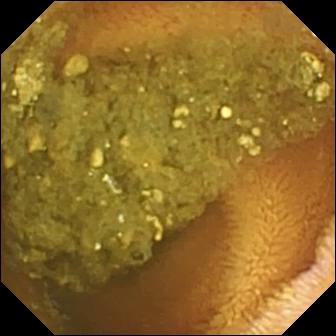- modality: VCE
- category: luminal finding
- observation: reduced mucosal view (content or bubbles obscuring the mucosa)